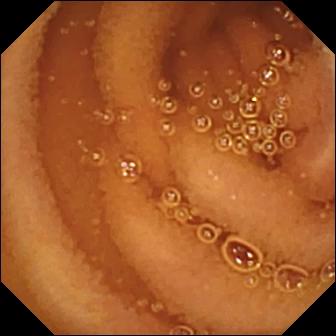This capsule endoscopy still shows normal clean mucosa.